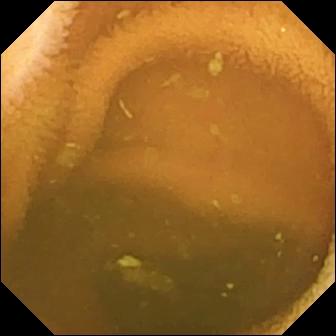This capsule endoscopy still shows normal clean mucosa.